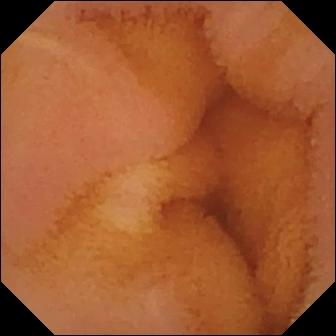Normal clean mucosa.